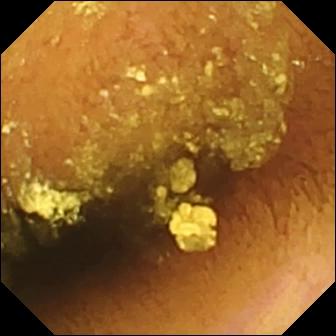Q: What does this WCE view of the small intestine show?
A: Normal clean mucosa.